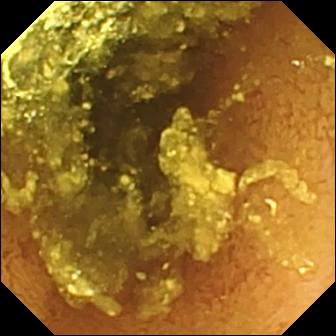WCE. Small bowel. Finding: normal clean mucosa.